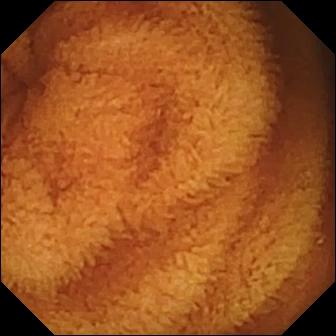Small-bowel capsule endoscopy — normal clean mucosa.